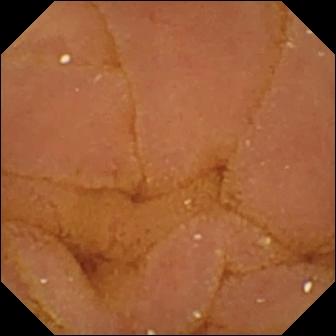Normal clean mucosa.